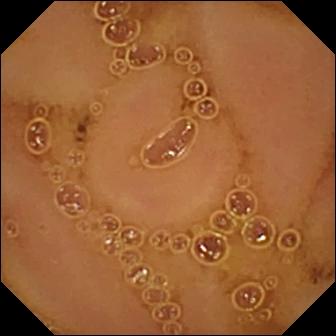modality: VCE | segment: small intestine | label: normal clean mucosa